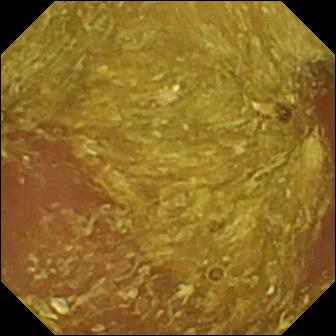Reduced mucosal view (content or bubbles obscuring the mucosa) — video capsule endoscopy still.